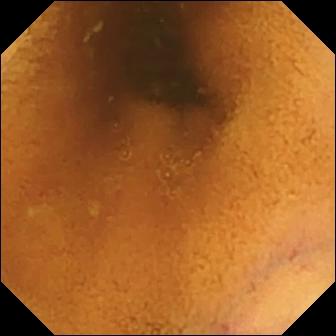Q: What does this VCE still show?
A: Normal clean mucosa.